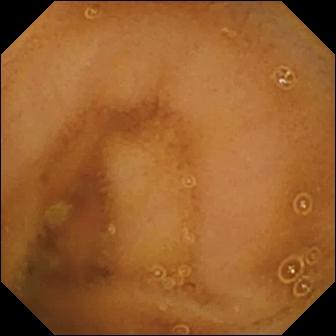VCE. Observation: normal clean mucosa.